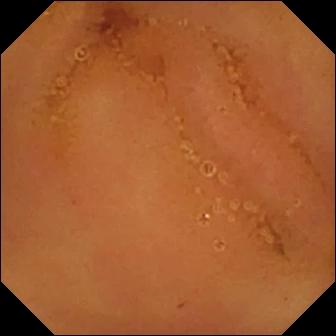modality: VCE; category: luminal finding; impression: normal clean mucosa